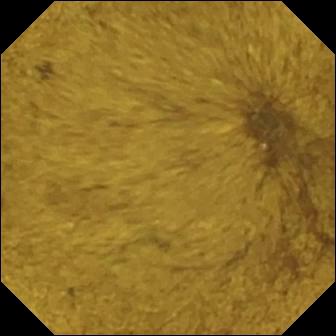This VCE snapshot was taken in the ileo-cecal valve region (where the capsule passes from the small bowel into the large bowel).